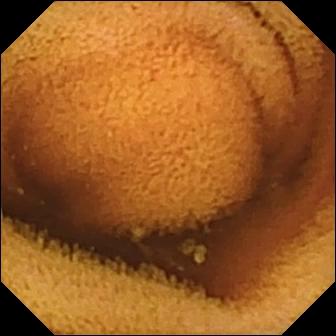WCE — normal clean mucosa.